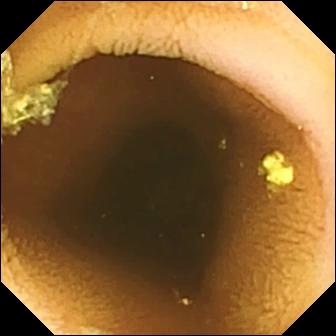Wireless capsule endoscopy frame showing normal clean mucosa.